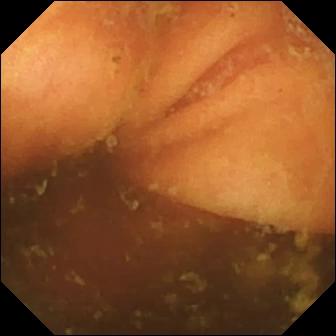Ileo-cecal valve region (the transition from the small bowel to the large bowel) — video capsule endoscopy still.